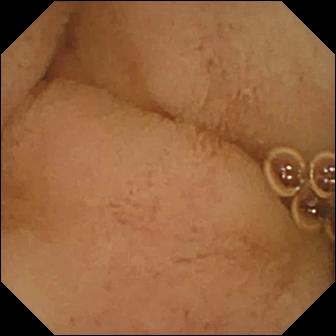Small-bowel capsule endoscopy snapshot, 336×336. Taken in the pylorus region (where the capsule passes from the stomach into the small bowel).